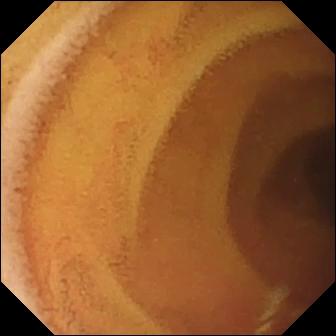This video capsule endoscopy snapshot of the small intestine shows normal clean mucosa.